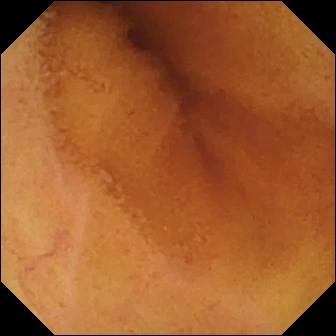WCE still, small bowel
Impression: normal clean mucosa